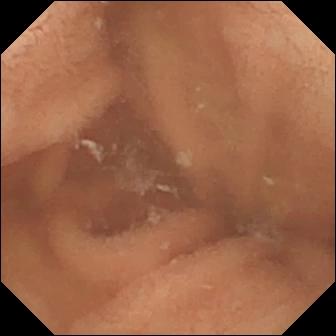modality: capsule endoscopy | category: luminal finding | observation: normal clean mucosa